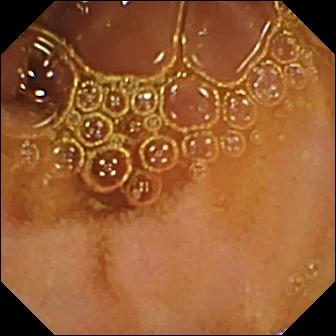Normal clean mucosa — VCE image of the small bowel.